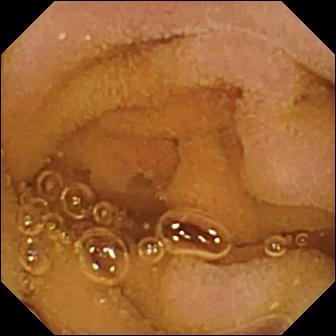This capsule endoscopy view shows normal clean mucosa.